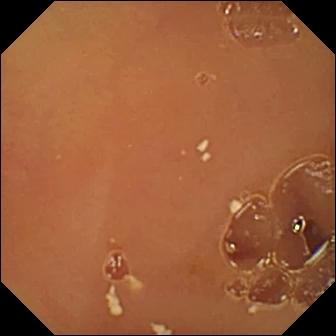Small-bowel capsule endoscopy image, small bowel
Finding: normal clean mucosa